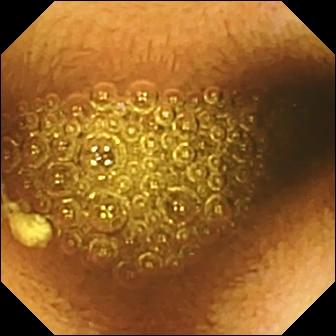VCE snapshot, small bowel
Label: reduced mucosal view (content or bubbles obscuring the mucosa)